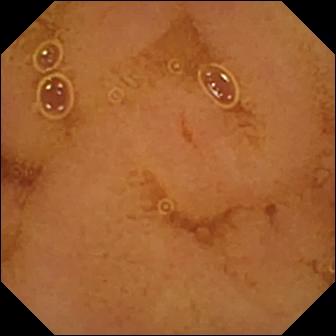Normal clean mucosa.